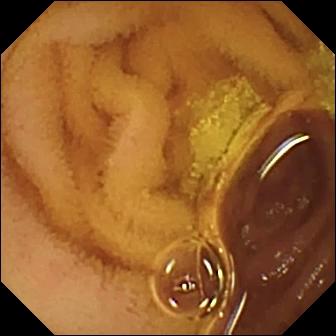Normal clean mucosa.